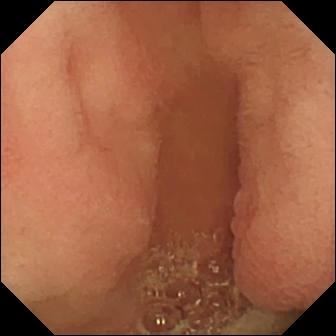- modality: capsule endoscopy
- category: anatomical landmark
- label: pylorus region (where the capsule passes from the stomach into the small bowel)